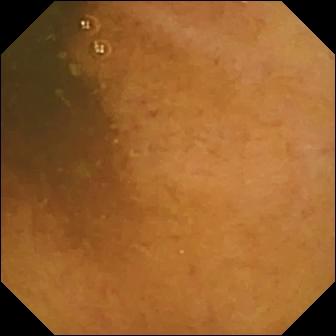VCE still, 336×336. Normal clean mucosa.